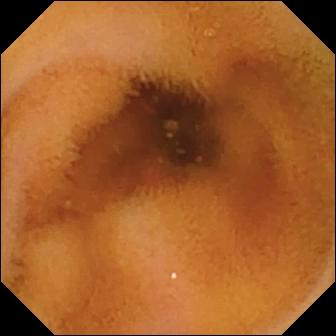Normal clean mucosa — VCE snapshot.